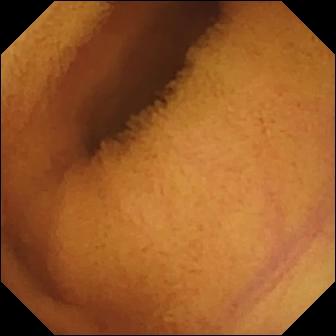{"modality": "small-bowel capsule endoscopy", "segment": "small bowel", "category": "luminal finding", "finding": "normal clean mucosa"}